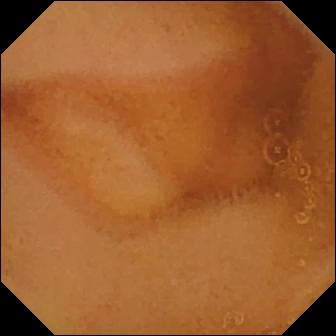Normal clean mucosa — video capsule endoscopy frame.